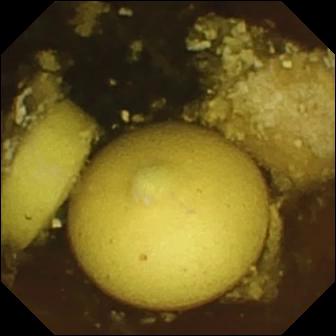modality: small-bowel capsule endoscopy
observation: foreign body (e.g. retained capsule, tablet residue)